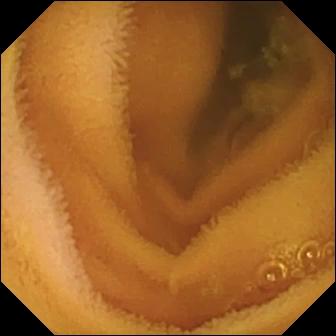Normal clean mucosa — VCE view.